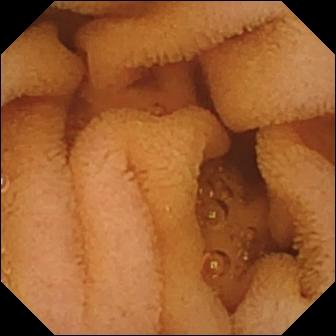VCE. Label: normal clean mucosa.